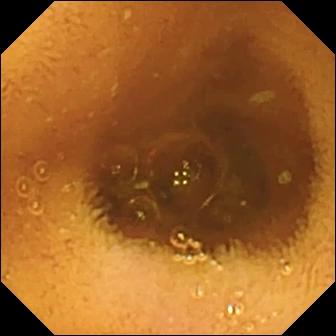- modality: wireless capsule endoscopy
- segment: small intestine
- category: luminal finding
- finding: normal clean mucosa